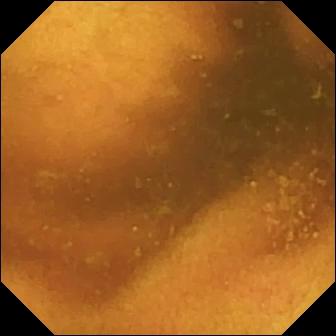VCE — normal clean mucosa.